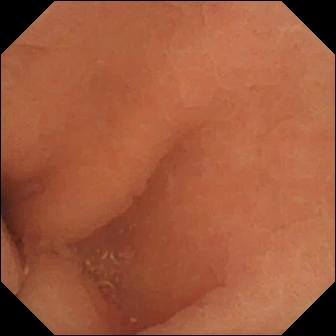Normal clean mucosa.